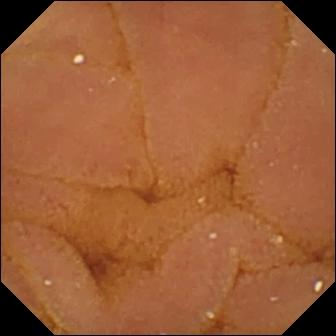Q: What does this capsule endoscopy snapshot show?
A: Normal clean mucosa.